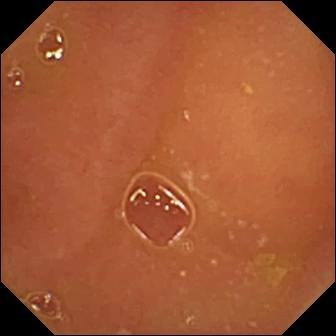WCE — normal clean mucosa.